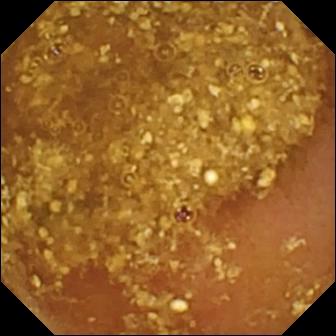{"modality": "wireless capsule endoscopy", "category": "luminal finding", "finding": "reduced mucosal view (content or bubbles obscuring the mucosa)"}